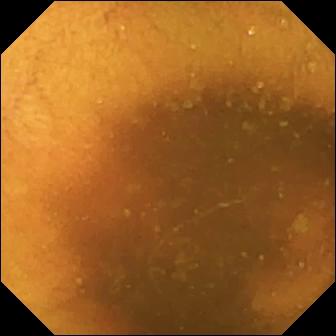Normal clean mucosa — capsule endoscopy still of the small intestine.